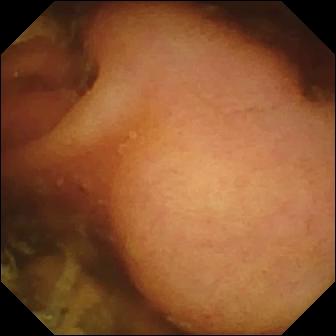Capsule endoscopy. Finding: polyp.